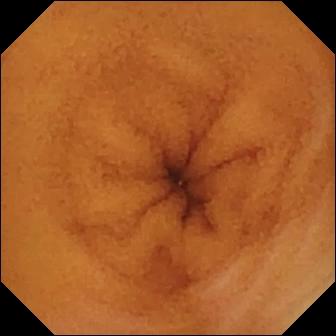PROCEDURE: Small-bowel capsule endoscopy.
FINDINGS: Normal clean mucosa.